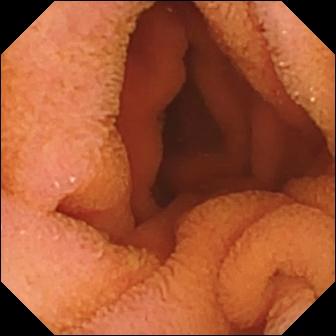{"modality": "wireless capsule endoscopy", "segment": "small bowel", "finding": "normal clean mucosa"}